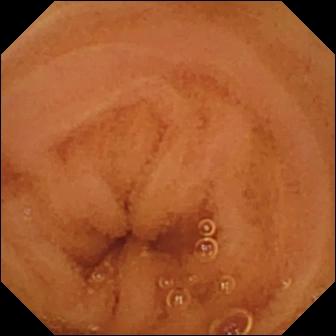{"modality": "WCE", "segment": "small bowel", "finding": "normal clean mucosa"}